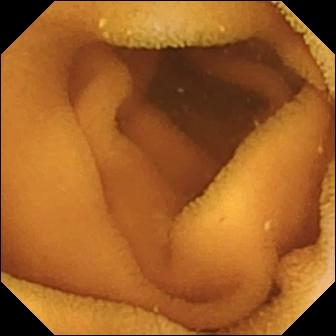- modality: VCE
- label: normal clean mucosa